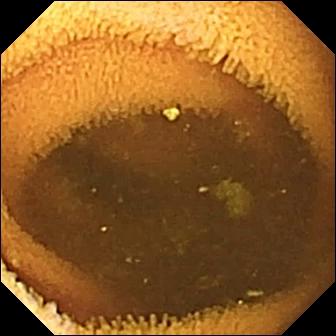Capsule endoscopy still. Normal clean mucosa.